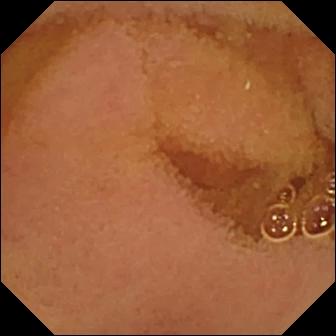Normal clean mucosa — VCE snapshot of the small intestine.